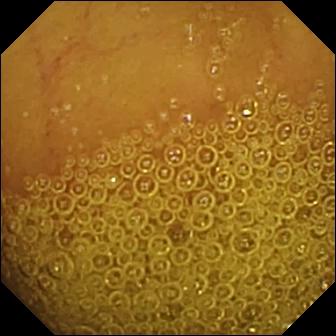Normal clean mucosa.